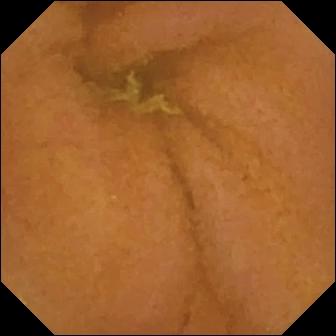Capsule endoscopy image
Impression: normal clean mucosa